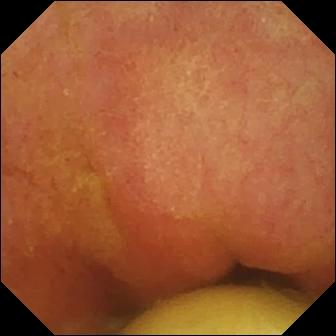PROCEDURE: Capsule endoscopy.
FINDINGS: Foreign body (e.g. retained capsule, tablet residue).